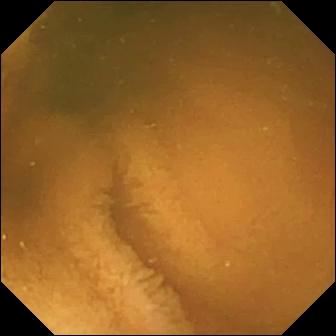modality: video capsule endoscopy; finding: normal clean mucosa